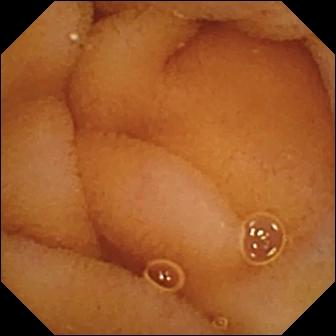WCE — normal clean mucosa.